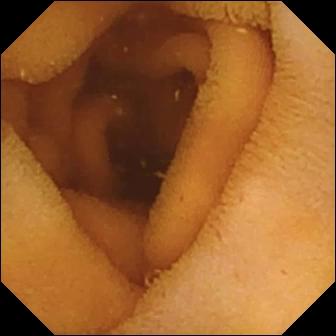This WCE view shows normal clean mucosa.